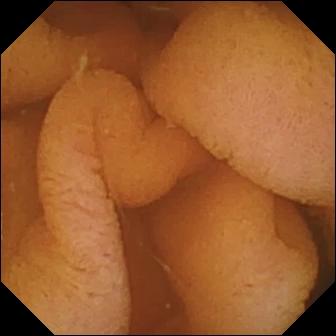Q: What does this capsule endoscopy snapshot of the small bowel show?
A: Normal clean mucosa.